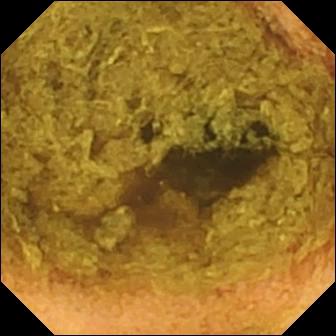Video capsule endoscopy snapshot showing normal clean mucosa.